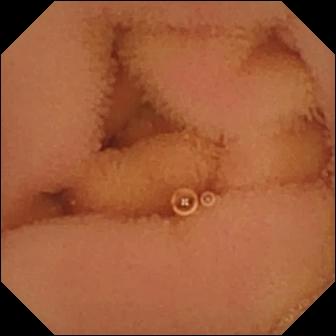Video capsule endoscopy. Small intestine. Label: normal clean mucosa.